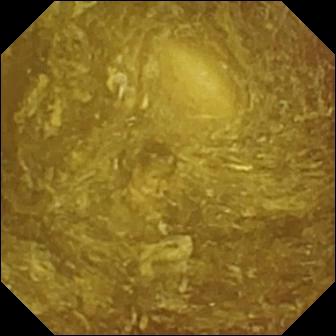This video capsule endoscopy image of the small bowel shows reduced mucosal view (content or bubbles obscuring the mucosa).